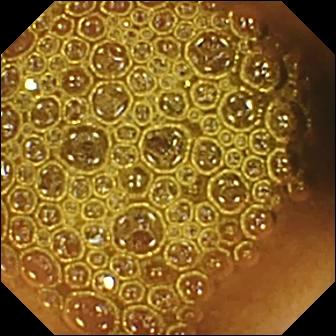{"modality": "wireless capsule endoscopy", "segment": "small bowel", "category": "luminal finding", "finding": "reduced mucosal view (content or bubbles obscuring the mucosa)"}